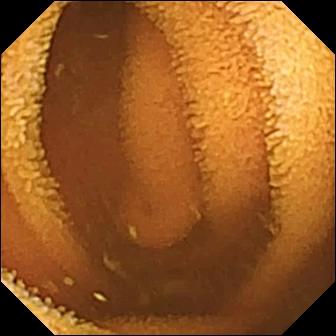{"modality": "small-bowel capsule endoscopy", "finding": "normal clean mucosa"}